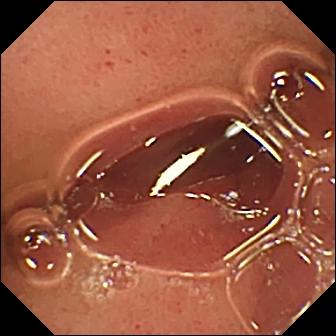Capsule endoscopy frame taken in the pylorus region (where the capsule passes from the stomach into the small bowel).